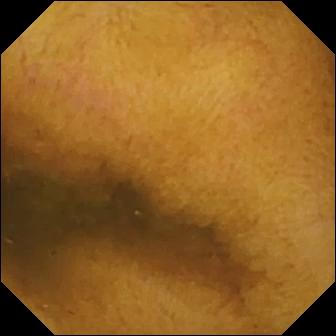Q: What does this capsule endoscopy image of the small bowel show?
A: Normal clean mucosa.